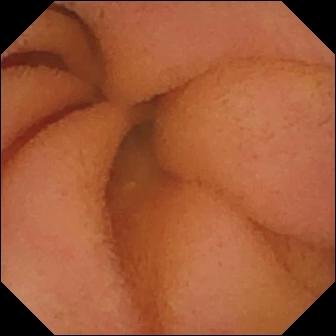Normal clean mucosa — capsule endoscopy view of the small bowel.